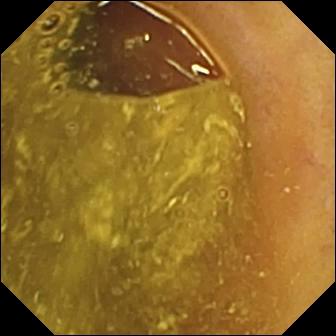Ileo-cecal valve region.